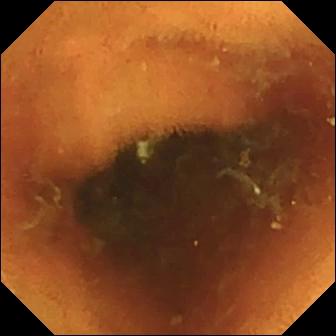- modality: video capsule endoscopy
- segment: small bowel
- observation: normal clean mucosa